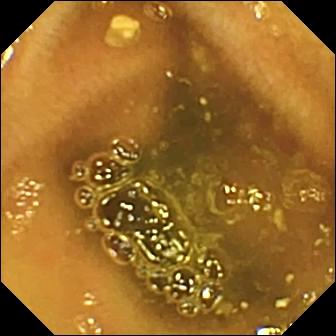- modality: video capsule endoscopy
- category: anatomical landmark
- location: ileo-cecal valve region (where the capsule passes from the small bowel into the large bowel)